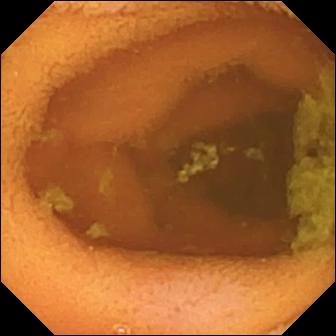- modality: VCE
- observation: normal clean mucosa